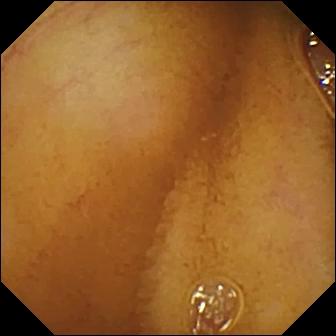VCE. Small intestine. Luminal finding. Impression: normal clean mucosa.